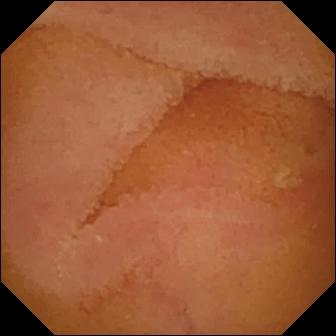WCE. Label: normal clean mucosa.